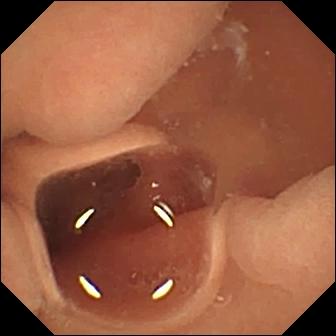- modality: wireless capsule endoscopy
- label: normal clean mucosa